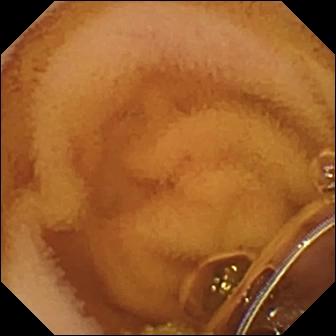{"modality": "video capsule endoscopy", "category": "luminal finding", "finding": "normal clean mucosa"}